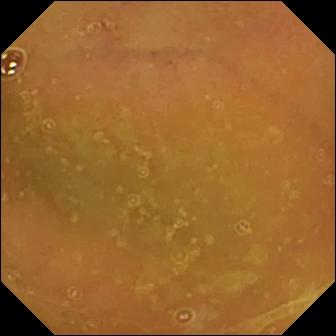Q: What does this capsule endoscopy frame of the small intestine show?
A: Normal clean mucosa.